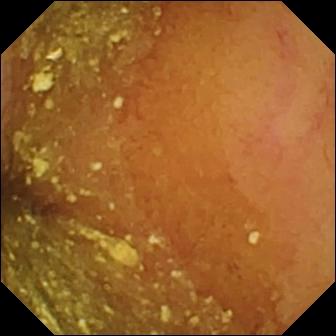Normal clean mucosa — small-bowel capsule endoscopy image of the small intestine.